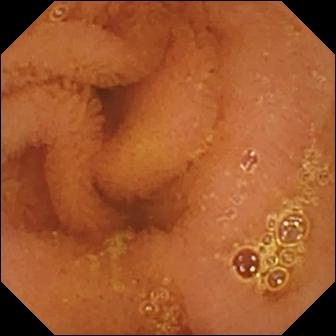PROCEDURE: Video capsule endoscopy.
FINDINGS: Normal clean mucosa.